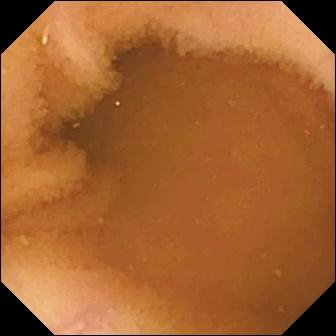modality: WCE | segment: small intestine | observation: normal clean mucosa